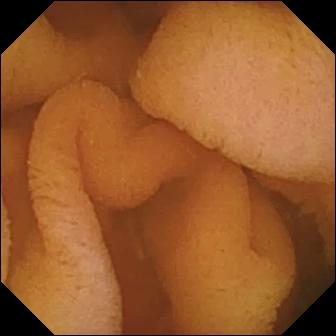VCE — normal clean mucosa.